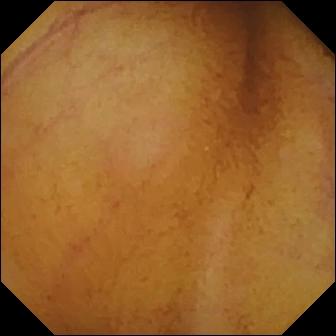Wireless capsule endoscopy view, small intestine
Observation: normal clean mucosa